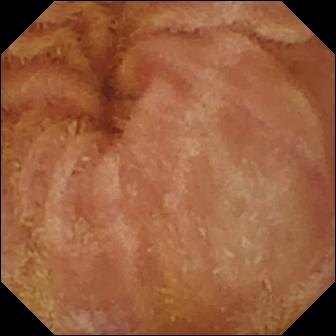VCE — normal clean mucosa.